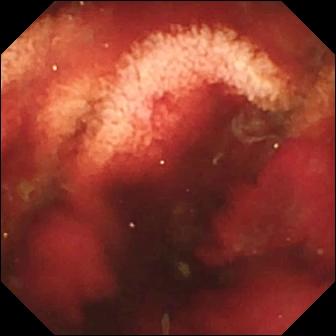Small-bowel capsule endoscopy still. Fresh blood in the lumen.